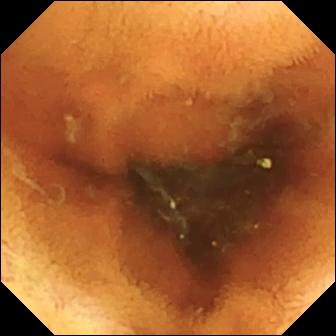Normal clean mucosa (336×336).